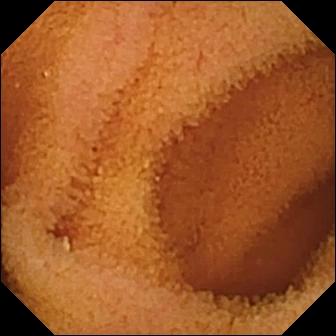Normal clean mucosa — capsule endoscopy image of the small bowel.